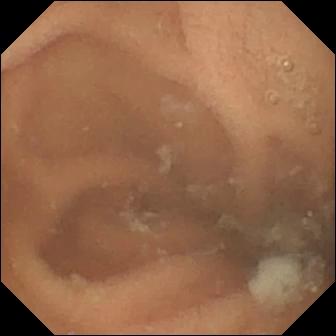Wireless capsule endoscopy image
Finding: normal clean mucosa